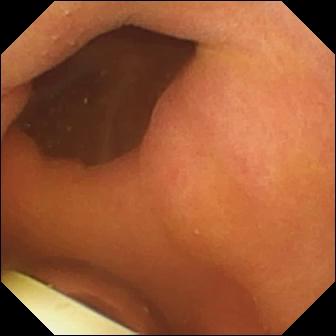Capsule endoscopy. Luminal finding. Finding: foreign body (e.g. retained capsule, tablet residue).